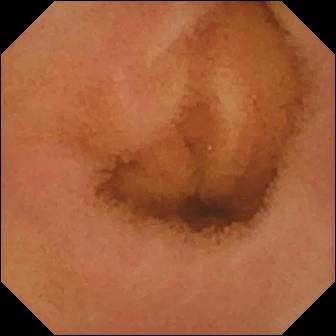Capsule endoscopy — normal clean mucosa.